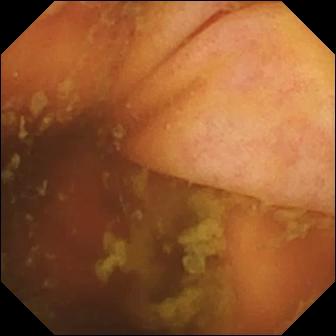- modality: video capsule endoscopy
- video segment: ileo-cecal valve region (the transition from the small bowel to the large bowel)